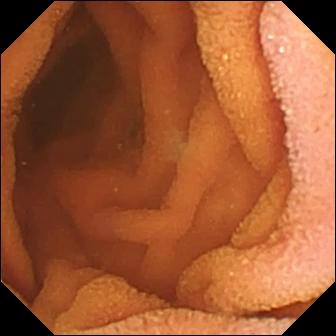WCE frame (small intestine). Normal clean mucosa.